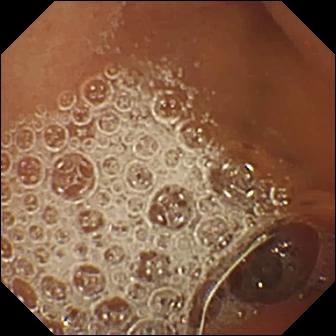Normal clean mucosa.